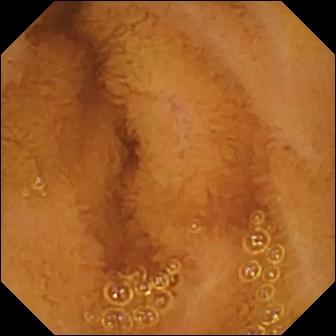WCE. Label: normal clean mucosa.